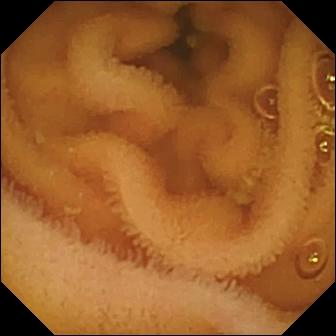{"modality": "small-bowel capsule endoscopy", "finding": "normal clean mucosa"}